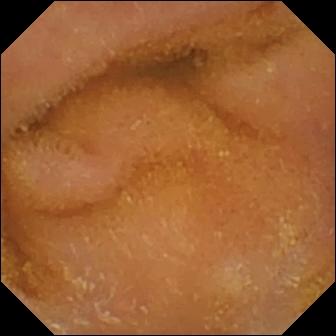Q: What does this VCE frame of the small intestine show?
A: Normal clean mucosa.